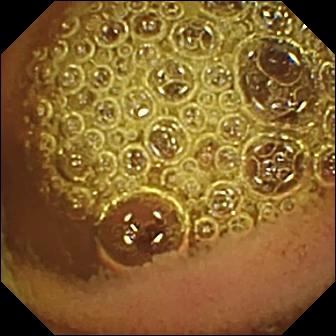Q: What does this wireless capsule endoscopy snapshot show?
A: Normal clean mucosa.